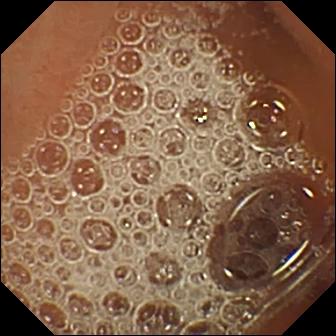Video capsule endoscopy frame
Impression: normal clean mucosa